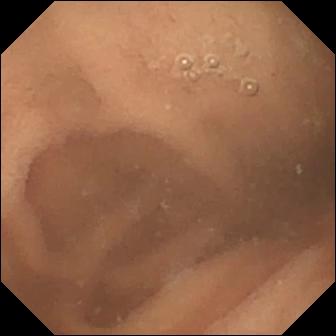Q: What does this WCE view of the small bowel show?
A: Normal clean mucosa.